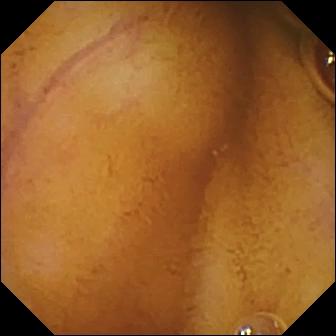WCE — normal clean mucosa.